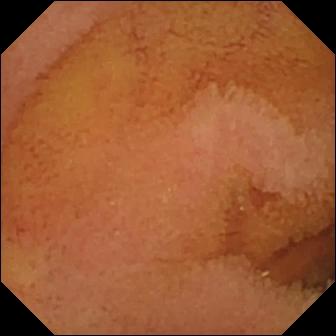- modality: video capsule endoscopy
- finding: normal clean mucosa